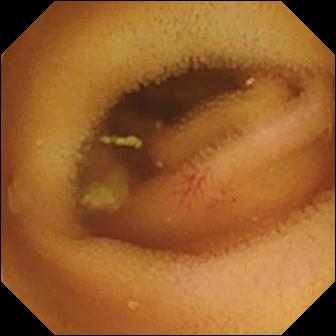This video capsule endoscopy view shows angiectasia.